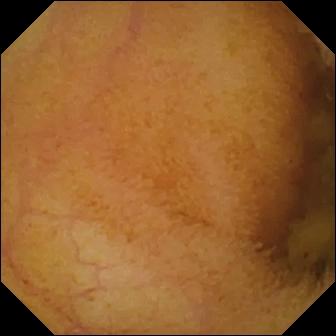Normal clean mucosa.